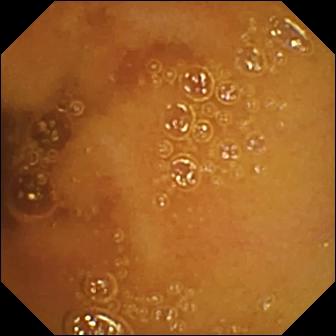Capsule endoscopy. Small bowel. Label: normal clean mucosa.